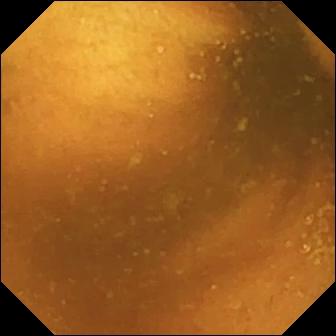Capsule endoscopy. Impression: normal clean mucosa.